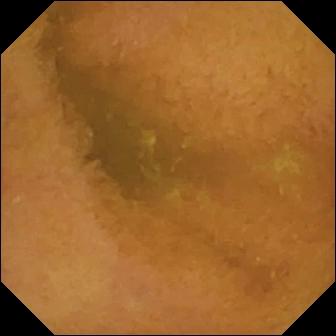This wireless capsule endoscopy frame shows normal clean mucosa.